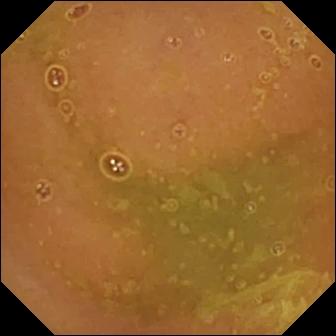Capsule endoscopy frame (small bowel). Normal clean mucosa.